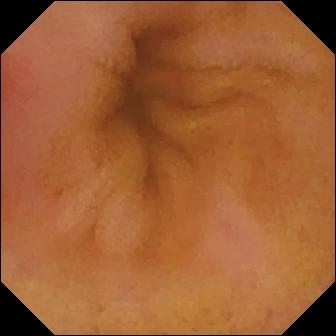modality: video capsule endoscopy; impression: erythema (mucosal redness)